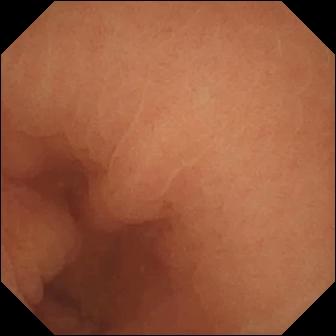Normal clean mucosa — wireless capsule endoscopy still.